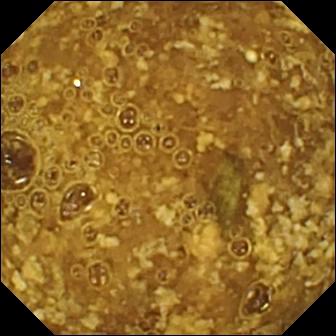Reduced mucosal view (content or bubbles obscuring the mucosa) — WCE frame of the small bowel.